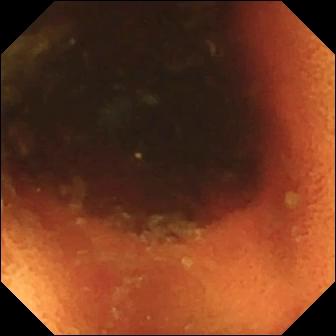VCE — ileo-cecal valve region.